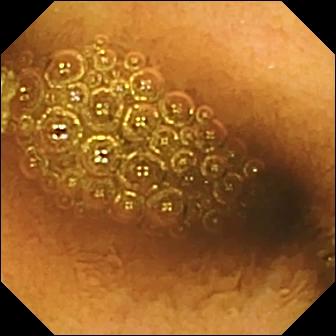{"modality": "VCE", "segment": "small intestine", "category": "luminal finding", "finding": "reduced mucosal view (content or bubbles obscuring the mucosa)"}